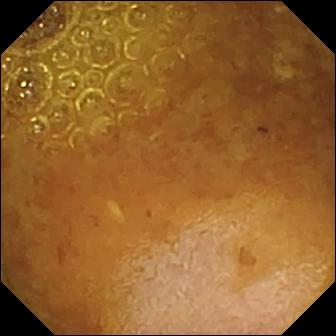Reduced mucosal view (content or bubbles obscuring the mucosa) — wireless capsule endoscopy still.